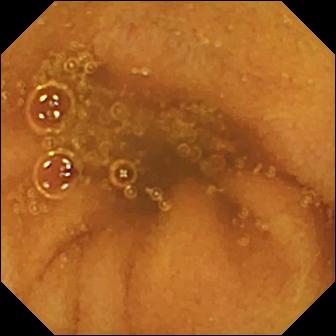Small-bowel capsule endoscopy image, small bowel
Label: normal clean mucosa